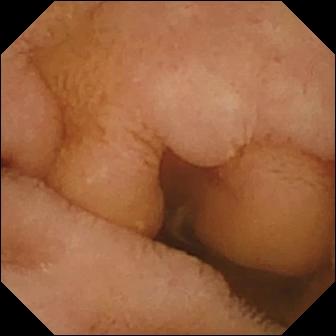This WCE view of the small intestine shows normal clean mucosa.